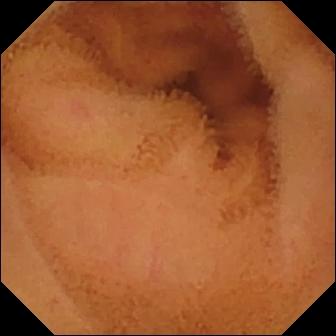PROCEDURE: Video capsule endoscopy.
FINDINGS: Normal clean mucosa.